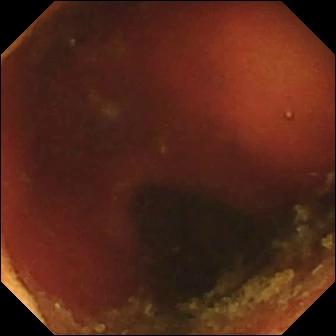WCE — ileo-cecal valve region (the transition from the small bowel to the large bowel).